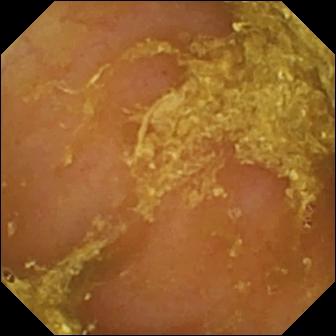This small-bowel capsule endoscopy view of the small intestine shows reduced mucosal view (content or bubbles obscuring the mucosa).